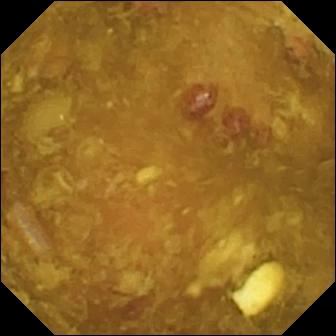Reduced mucosal view (content or bubbles obscuring the mucosa) — wireless capsule endoscopy snapshot of the small intestine.